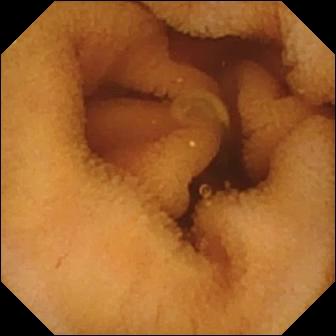Small-bowel capsule endoscopy frame of the small intestine showing normal clean mucosa.